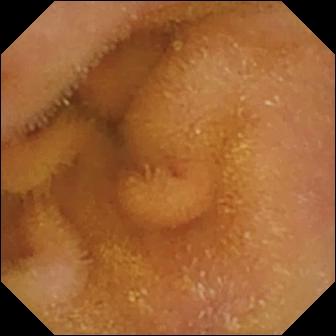- modality: VCE
- category: luminal finding
- finding: normal clean mucosa